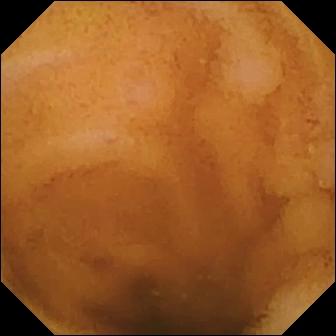Video capsule endoscopy snapshot of the small intestine showing normal clean mucosa.